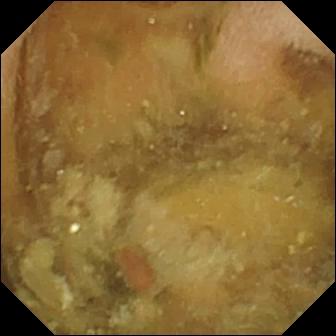Pylorus region (where the capsule passes from the stomach into the small bowel).